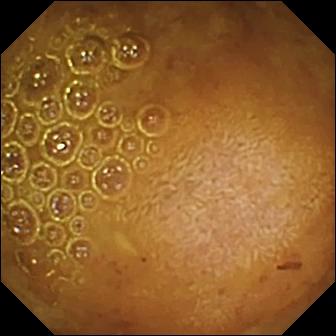This small-bowel capsule endoscopy image of the small bowel shows reduced mucosal view (content or bubbles obscuring the mucosa).